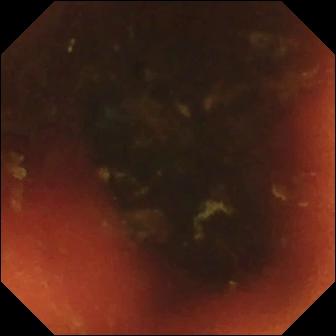This small-bowel capsule endoscopy view was taken in the ileo-cecal valve region.